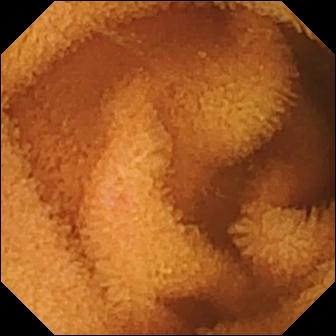{"modality": "capsule endoscopy", "segment": "small bowel", "category": "luminal finding", "finding": "normal clean mucosa"}